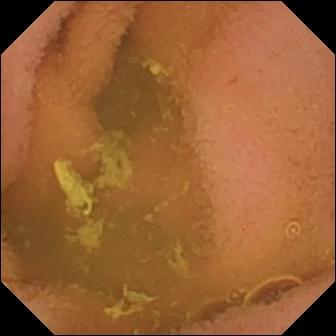modality: video capsule endoscopy; segment: small bowel; observation: normal clean mucosa